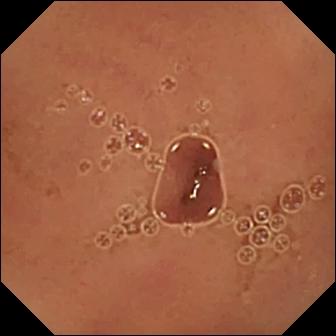Small-bowel capsule endoscopy frame showing normal clean mucosa.